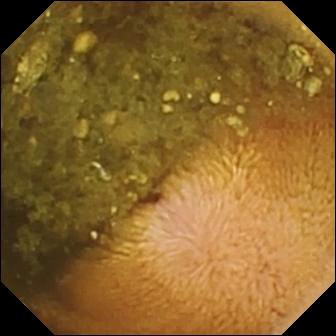- modality: video capsule endoscopy
- segment: small intestine
- finding: reduced mucosal view (content or bubbles obscuring the mucosa)